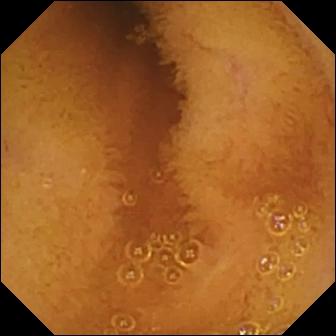This video capsule endoscopy view of the small bowel shows normal clean mucosa.